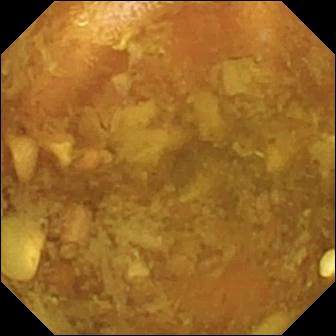WCE still, small intestine
Finding: reduced mucosal view (content or bubbles obscuring the mucosa)